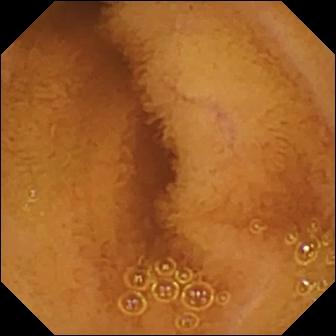Q: What does this WCE view of the small bowel show?
A: Normal clean mucosa.